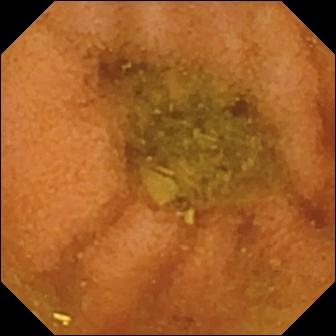{"modality": "wireless capsule endoscopy", "finding": "normal clean mucosa"}